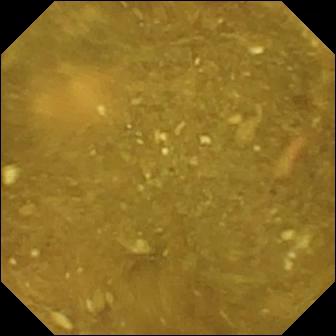WCE still taken in the ileo-cecal valve region.